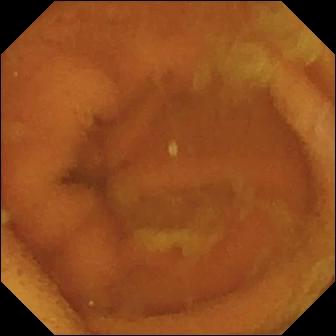{"modality": "wireless capsule endoscopy", "segment": "small intestine", "finding": "normal clean mucosa"}